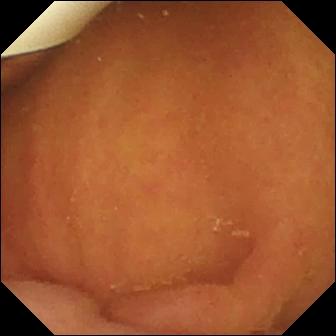- modality: capsule endoscopy
- label: foreign body (e.g. retained capsule, tablet residue)